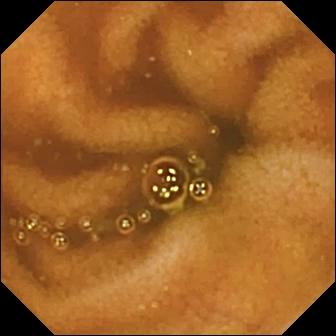Video capsule endoscopy image showing normal clean mucosa.